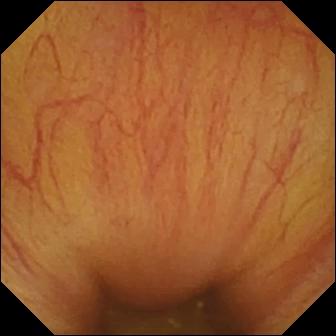Q: Where in the digestive tract was this video capsule endoscopy still taken?
A: Ileo-cecal valve region (the transition from the small bowel to the large bowel).